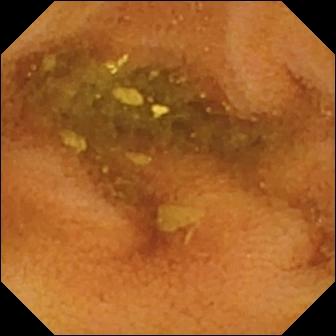Normal clean mucosa.